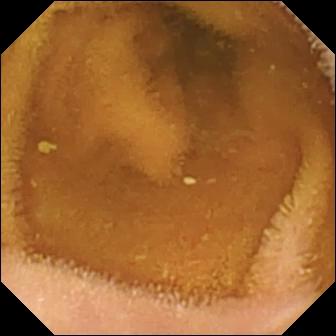Q: What does this small-bowel capsule endoscopy snapshot show?
A: Normal clean mucosa.